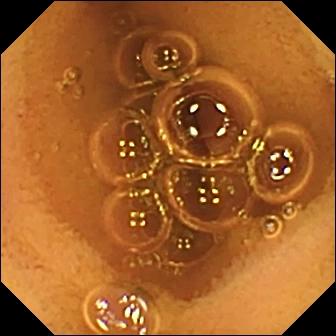WCE — normal clean mucosa.